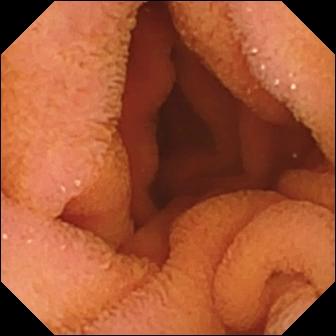Video capsule endoscopy still. Normal clean mucosa.